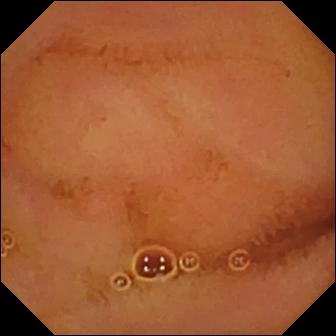Q: What does this VCE snapshot of the small intestine show?
A: Normal clean mucosa.